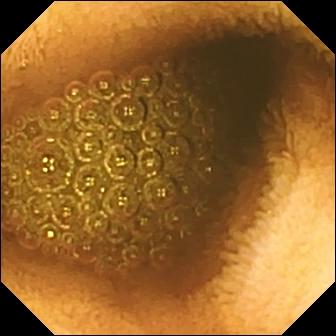WCE — reduced mucosal view (content or bubbles obscuring the mucosa).